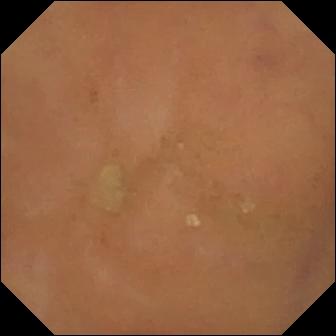Q: What does this WCE image show?
A: Normal clean mucosa.